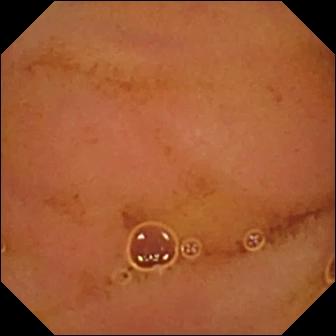This small-bowel capsule endoscopy view shows normal clean mucosa.